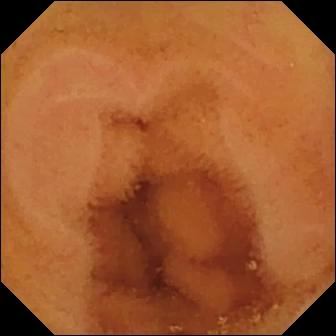{"modality": "wireless capsule endoscopy", "finding": "normal clean mucosa"}